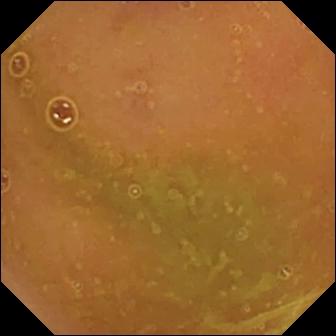WCE view
Label: normal clean mucosa